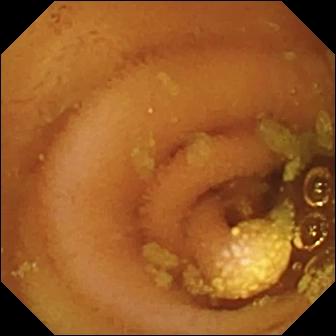Lymphangiectasia.